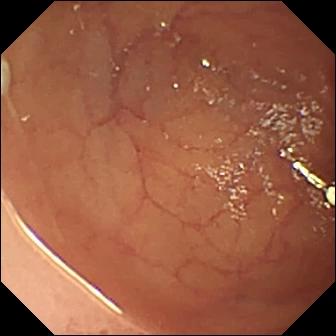Video capsule endoscopy — ulcer.